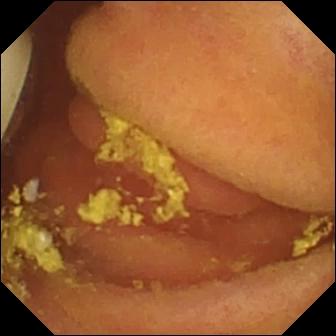- modality: wireless capsule endoscopy
- category: luminal finding
- finding: foreign body (e.g. retained capsule, tablet residue)